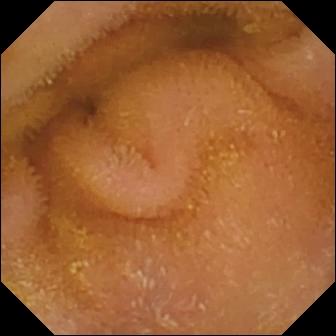Wireless capsule endoscopy. Impression: normal clean mucosa.